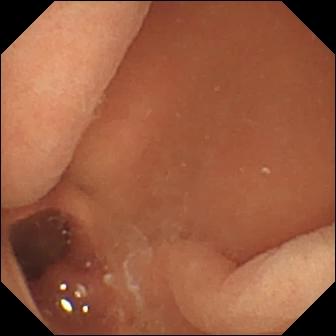Q: What does this VCE frame show?
A: Normal clean mucosa.